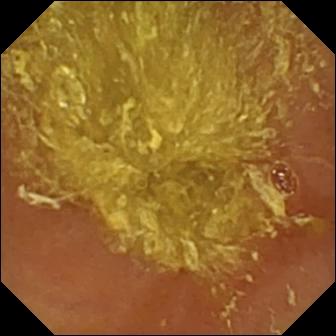Reduced mucosal view (content or bubbles obscuring the mucosa) — video capsule endoscopy view.